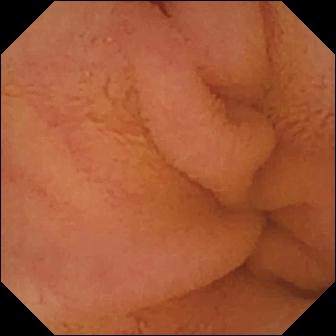Small-bowel capsule endoscopy still showing normal clean mucosa.